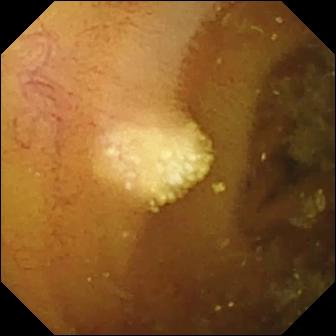Lymphangiectasia.